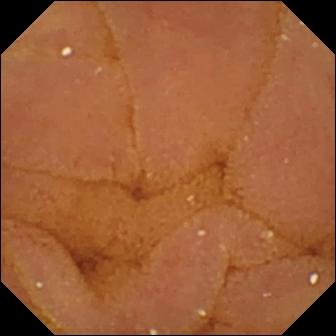WCE frame
Finding: normal clean mucosa